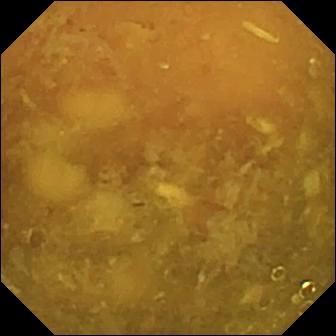Capsule endoscopy. Small bowel. Luminal finding. Label: reduced mucosal view (content or bubbles obscuring the mucosa).